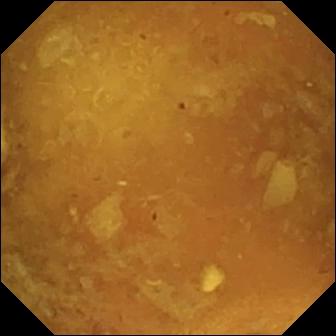Small-bowel capsule endoscopy view. Reduced mucosal view (content or bubbles obscuring the mucosa).